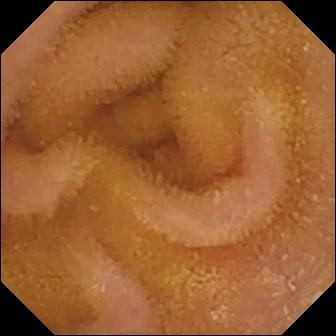Wireless capsule endoscopy — normal clean mucosa.